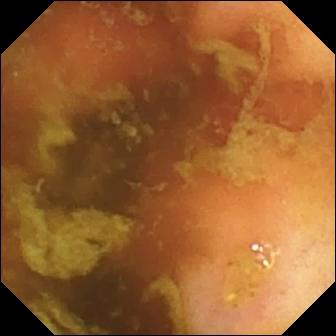modality: wireless capsule endoscopy; position: ileo-cecal valve region